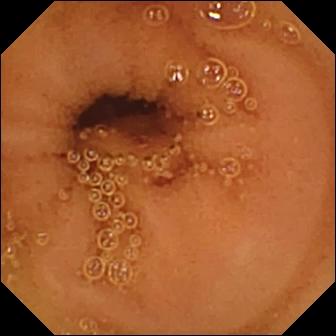Wireless capsule endoscopy still, small intestine
Observation: normal clean mucosa